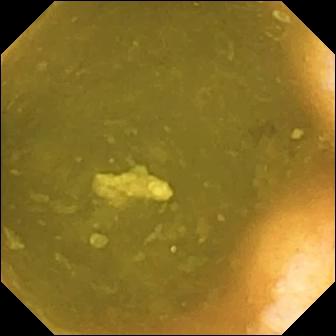Ileo-cecal valve region — wireless capsule endoscopy frame.